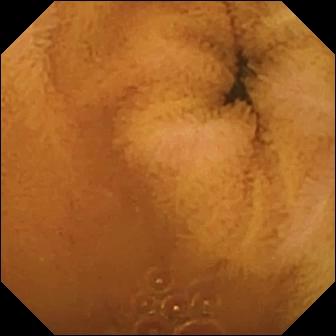modality: video capsule endoscopy; label: normal clean mucosa